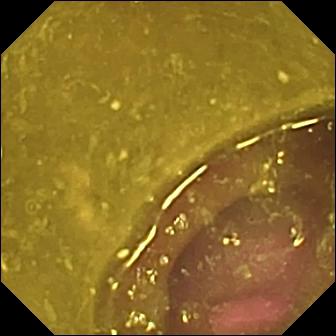Video capsule endoscopy. Small bowel. Observation: reduced mucosal view (content or bubbles obscuring the mucosa).